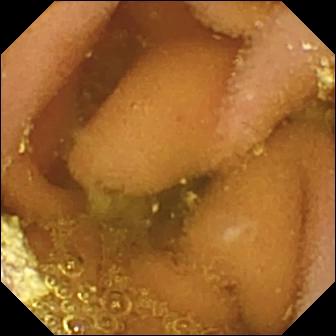Q: What does this WCE view show?
A: Lymphangiectasia.